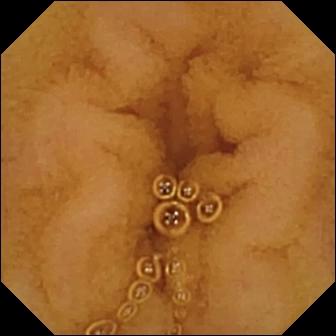Normal clean mucosa.